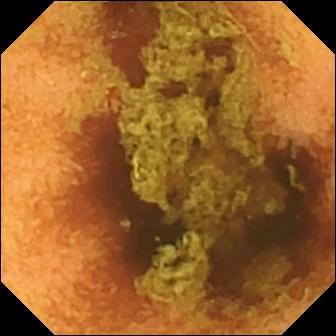VCE. Small bowel. Luminal finding. Observation: normal clean mucosa.